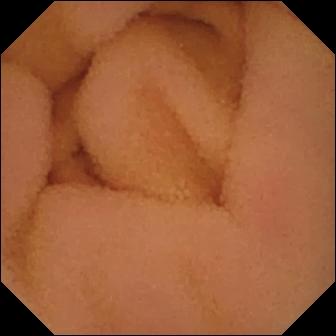Video capsule endoscopy. Small intestine. Label: normal clean mucosa.